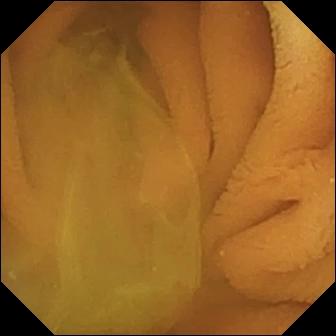Q: What does this video capsule endoscopy snapshot show?
A: Normal clean mucosa.